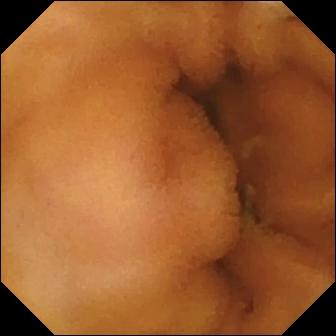Q: What does this wireless capsule endoscopy snapshot show?
A: Normal clean mucosa.